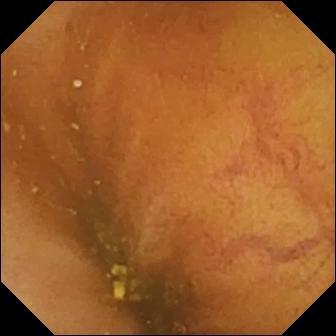Q: Where in the digestive tract was this wireless capsule endoscopy view taken?
A: Ileo-cecal valve region.